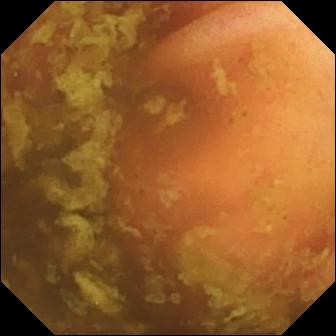Wireless capsule endoscopy. Video segment: ileo-cecal valve region.